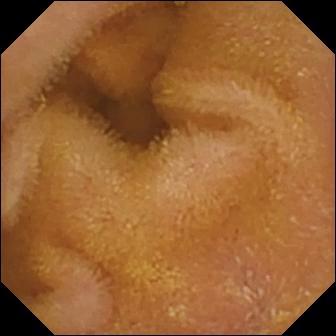This small-bowel capsule endoscopy view of the small intestine shows normal clean mucosa.